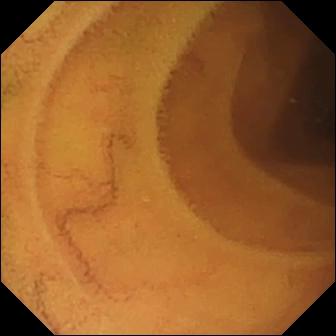- modality: video capsule endoscopy
- segment: small intestine
- finding: normal clean mucosa